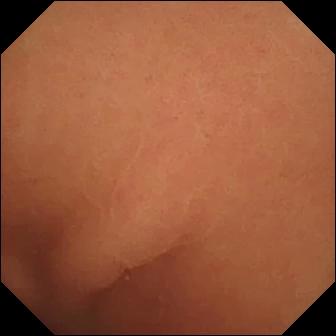{"modality": "capsule endoscopy", "finding": "normal clean mucosa"}